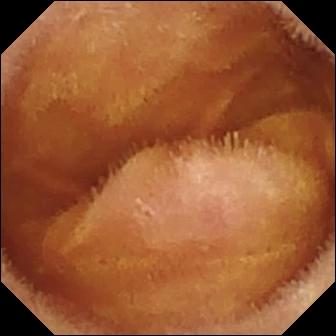- modality: video capsule endoscopy
- segment: small intestine
- label: normal clean mucosa